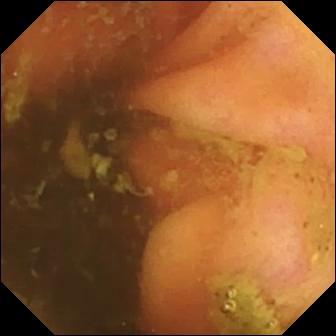Wireless capsule endoscopy view
Label: ileo-cecal valve region (where the capsule passes from the small bowel into the large bowel)